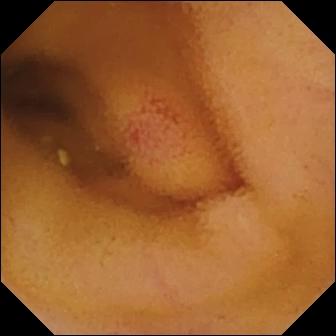Small-bowel capsule endoscopy still
Label: angiectasia